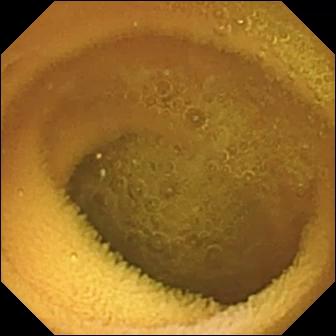Normal clean mucosa — VCE still of the small bowel.